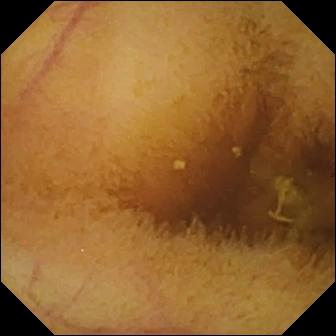Normal clean mucosa — VCE view of the small intestine.